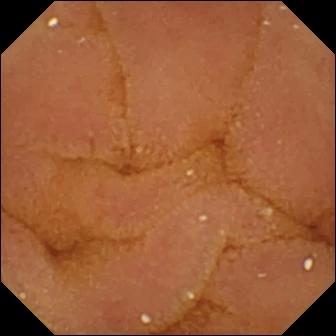Video capsule endoscopy — normal clean mucosa.